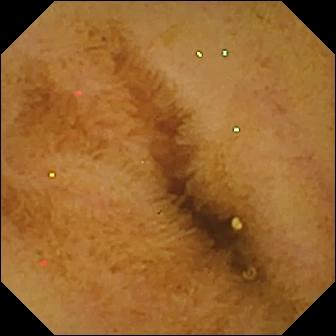Normal clean mucosa (336×336).